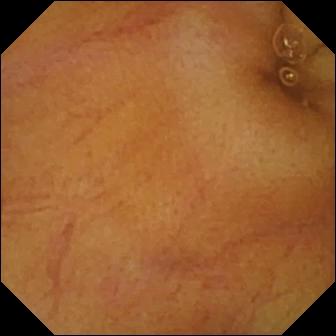modality: small-bowel capsule endoscopy | observation: normal clean mucosa